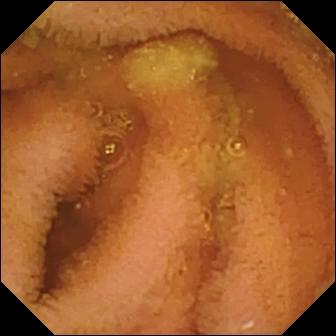VCE still
Observation: normal clean mucosa